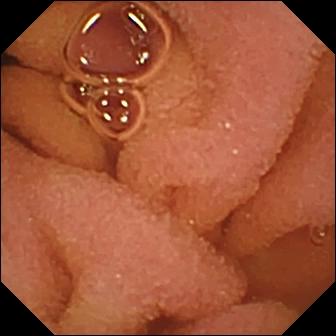Normal clean mucosa.